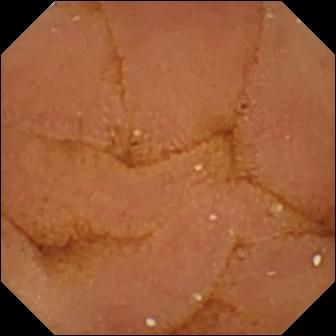Q: What does this small-bowel capsule endoscopy view of the small bowel show?
A: Normal clean mucosa.